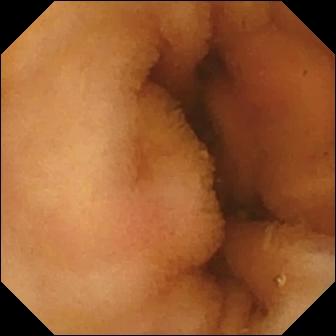Small-bowel capsule endoscopy frame. Normal clean mucosa.